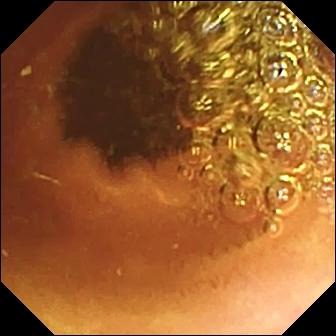PROCEDURE: VCE.
FINDINGS: Normal clean mucosa.